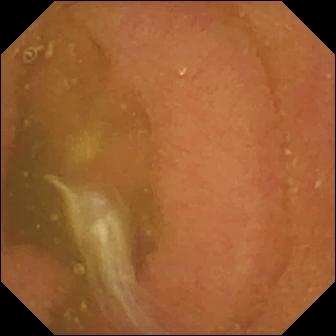VCE. Finding: normal clean mucosa.